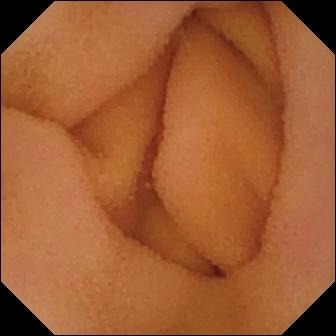{"modality": "video capsule endoscopy", "finding": "normal clean mucosa"}